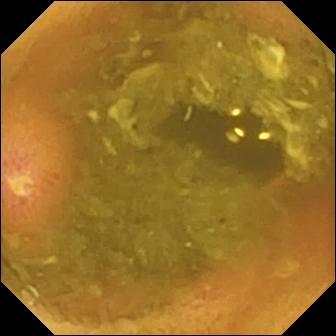WCE still showing ulcer.